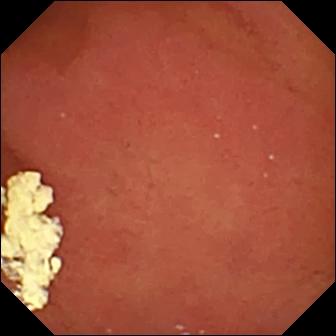- modality: video capsule endoscopy
- location: pylorus region (where the capsule passes from the stomach into the small bowel)